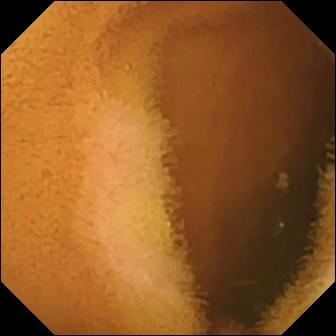Normal clean mucosa — video capsule endoscopy snapshot.